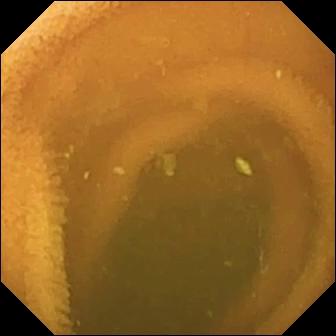Normal clean mucosa.